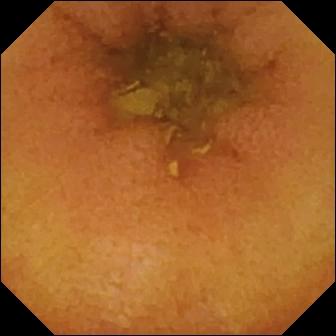PROCEDURE: WCE.
SEGMENT: Small intestine.
FINDINGS: Normal clean mucosa.